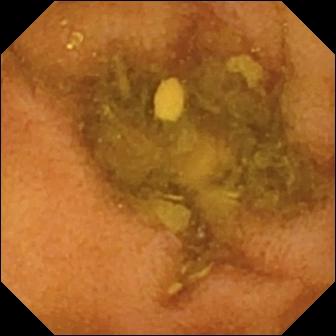- modality: wireless capsule endoscopy
- segment: small bowel
- category: luminal finding
- finding: normal clean mucosa